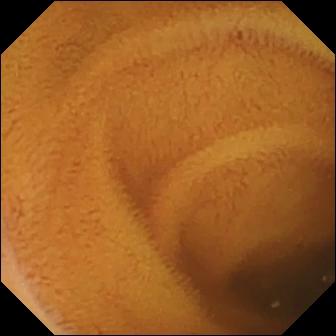Q: What does this small-bowel capsule endoscopy frame of the small bowel show?
A: Normal clean mucosa.